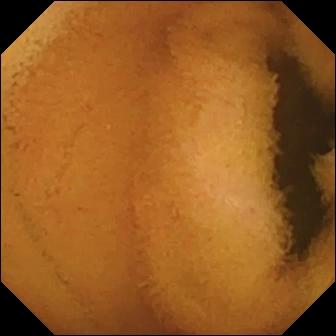- modality: capsule endoscopy
- segment: small intestine
- category: luminal finding
- observation: normal clean mucosa